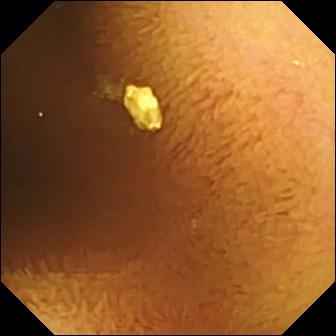{"modality": "wireless capsule endoscopy", "segment": "small bowel", "finding": "normal clean mucosa"}